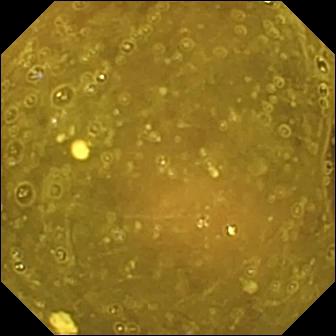Ileo-cecal valve region (the transition from the small bowel to the large bowel).